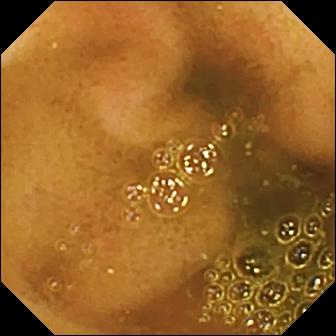Wireless capsule endoscopy — ileo-cecal valve region (the transition from the small bowel to the large bowel).